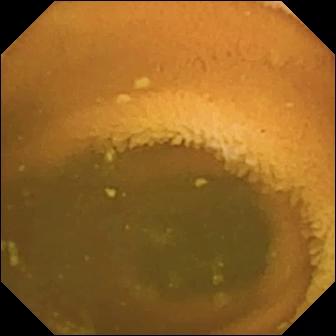modality: wireless capsule endoscopy; segment: small bowel; impression: normal clean mucosa